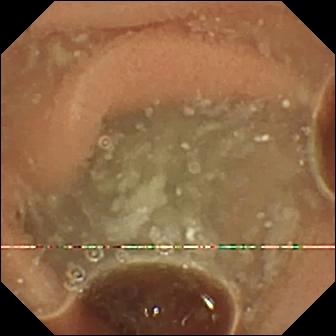Video capsule endoscopy — normal clean mucosa.